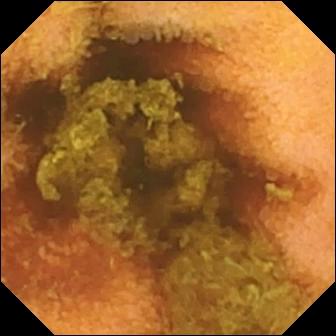This small-bowel capsule endoscopy snapshot of the small intestine shows normal clean mucosa.